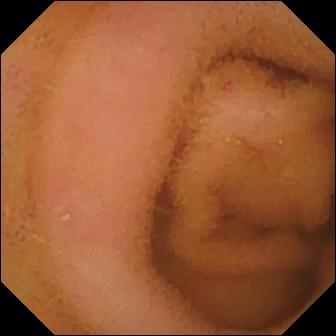Video capsule endoscopy frame
Observation: normal clean mucosa